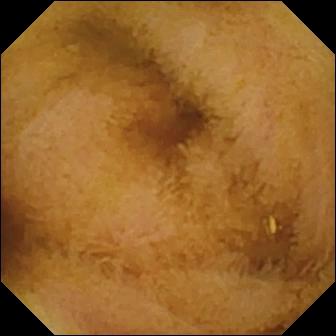Q: What does this capsule endoscopy snapshot of the small intestine show?
A: Normal clean mucosa.